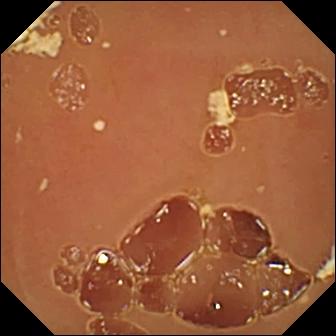Small-bowel capsule endoscopy. Small bowel. Observation: normal clean mucosa.